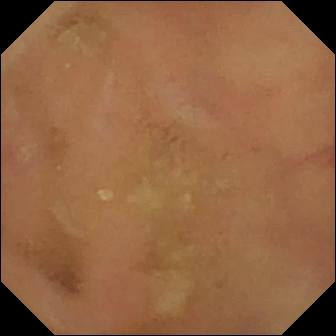{"modality": "VCE", "finding": "normal clean mucosa"}